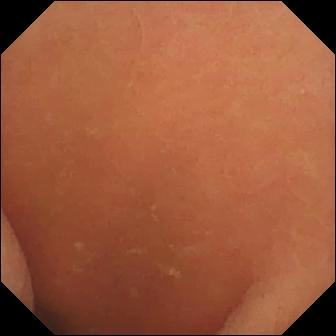This small-bowel capsule endoscopy image shows normal clean mucosa.